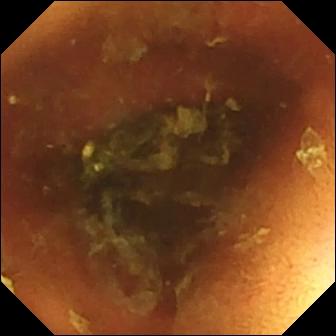PROCEDURE: Capsule endoscopy.
FINDINGS: Normal clean mucosa.